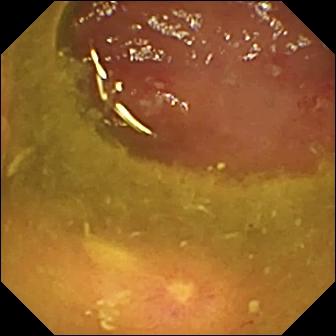Ulcer — VCE frame.